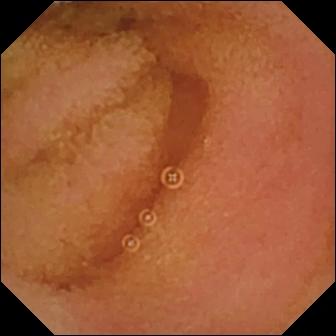Video capsule endoscopy still (small intestine). Normal clean mucosa.